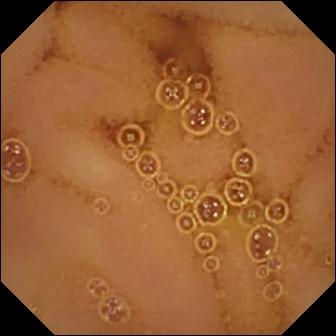Capsule endoscopy still, 336×336. Normal clean mucosa.